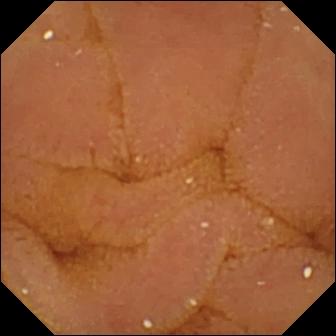Normal clean mucosa — wireless capsule endoscopy image of the small intestine.